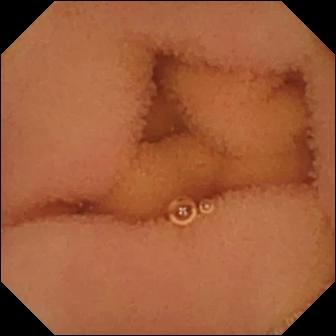Q: What does this video capsule endoscopy frame show?
A: Normal clean mucosa.